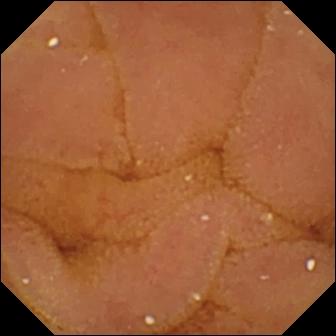Wireless capsule endoscopy — normal clean mucosa.